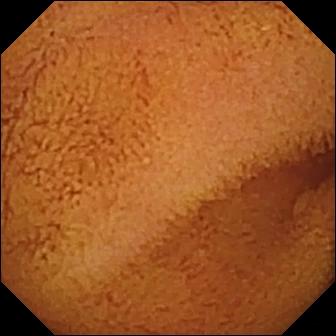Normal clean mucosa — video capsule endoscopy view.